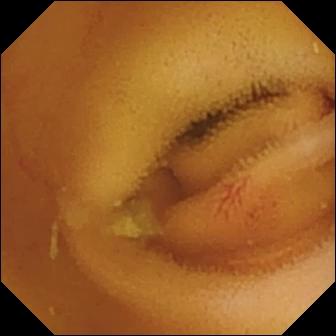VCE frame showing angiectasia.